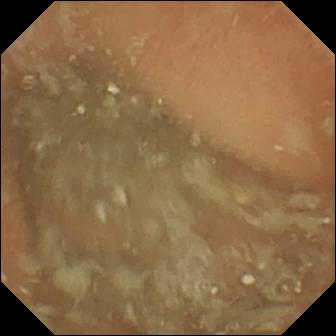PROCEDURE: Video capsule endoscopy.
FINDINGS: Normal clean mucosa.